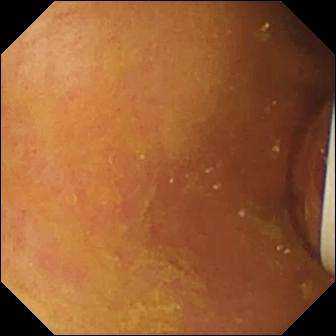modality: WCE | category: luminal finding | label: foreign body (e.g. retained capsule, tablet residue)